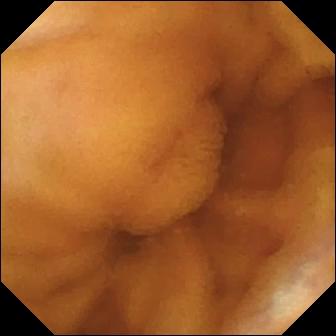PROCEDURE: VCE.
FINDINGS: Normal clean mucosa.